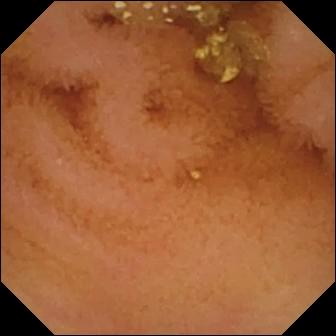{"modality": "WCE", "category": "luminal finding", "finding": "normal clean mucosa"}